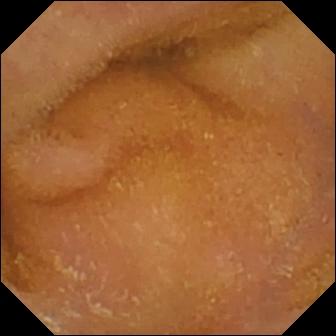This VCE frame of the small bowel shows normal clean mucosa.